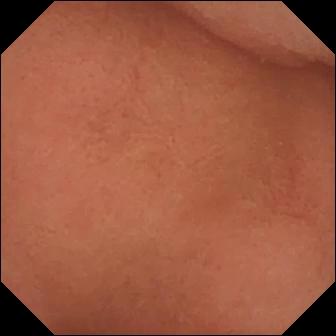Small-bowel capsule endoscopy snapshot, 336×336. Taken in the pylorus region (the junction between the stomach and the small bowel).